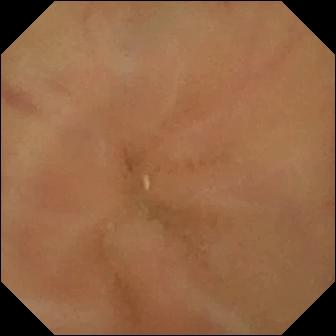WCE — normal clean mucosa.